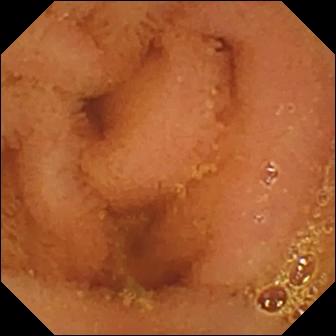modality: small-bowel capsule endoscopy | label: normal clean mucosa